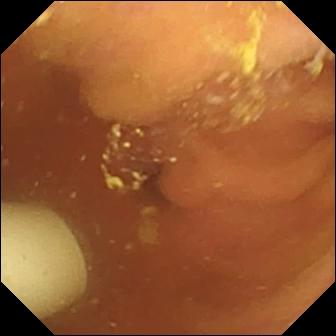Q: What does this video capsule endoscopy image show?
A: Foreign body (e.g. retained capsule, tablet residue).